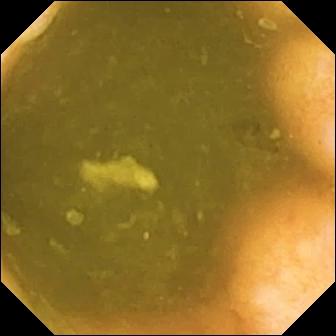Ileo-cecal valve region (the transition from the small bowel to the large bowel).